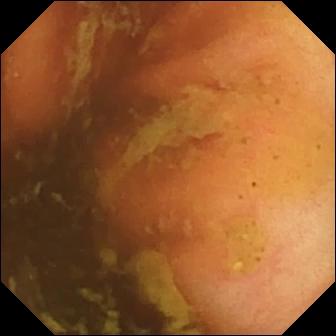- modality: small-bowel capsule endoscopy
- category: anatomical landmark
- position: ileo-cecal valve region (where the capsule passes from the small bowel into the large bowel)